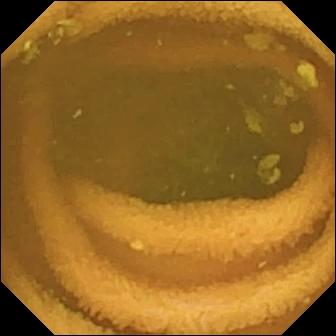WCE frame. Normal clean mucosa.